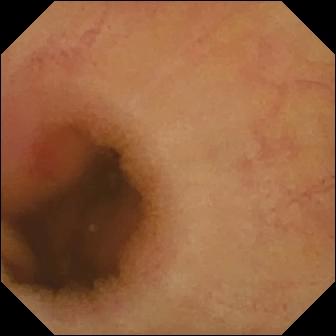PROCEDURE: Video capsule endoscopy.
FINDINGS: Erythema (mucosal redness).